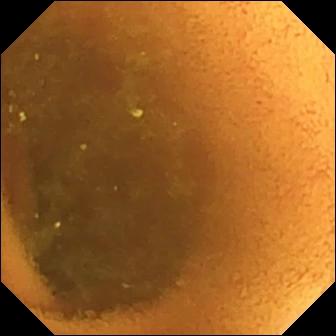This WCE view shows normal clean mucosa.